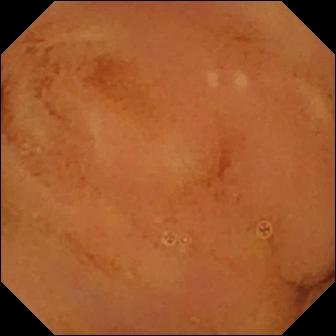This WCE still of the small intestine shows normal clean mucosa.